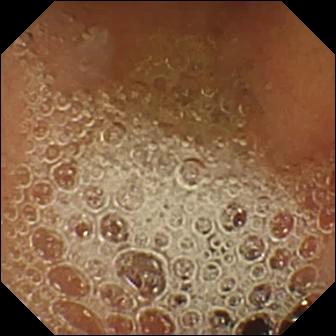- modality: WCE
- observation: normal clean mucosa